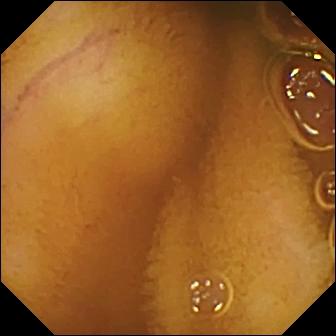WCE still showing normal clean mucosa.